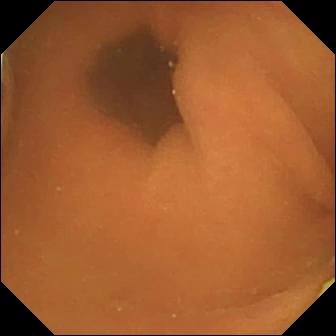Foreign body (e.g. retained capsule, tablet residue).